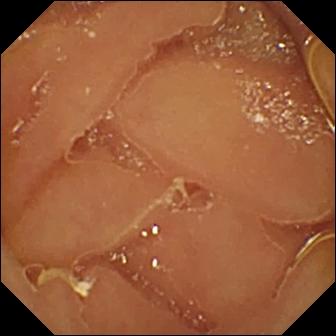{"modality": "capsule endoscopy", "segment": "small bowel", "finding": "normal clean mucosa"}